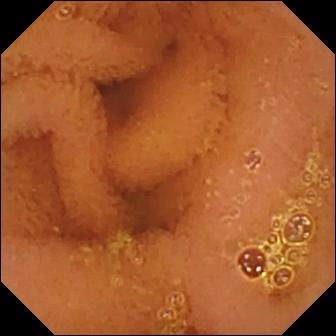Wireless capsule endoscopy image (small intestine). Normal clean mucosa.